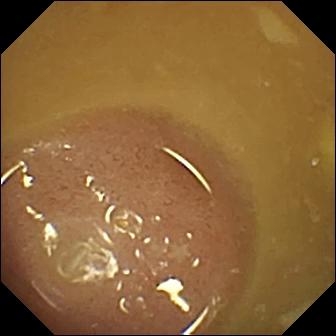{"modality": "video capsule endoscopy", "location": "ileo-cecal valve region"}